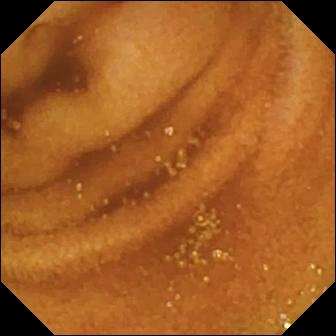- modality: small-bowel capsule endoscopy
- label: normal clean mucosa